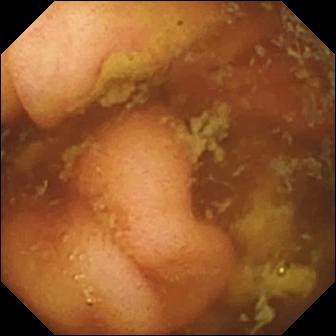VCE view
Video segment: ileo-cecal valve region